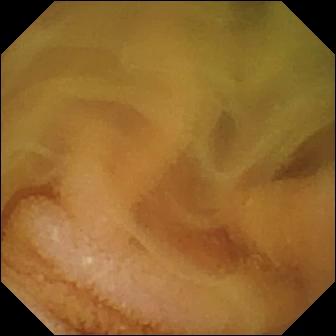WCE. Finding: normal clean mucosa.